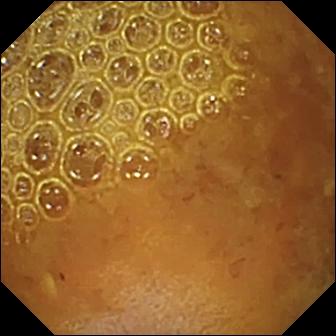VCE. Label: reduced mucosal view (content or bubbles obscuring the mucosa).